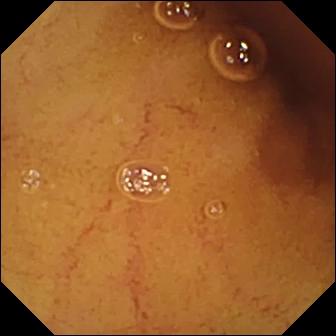This VCE image of the small bowel shows normal clean mucosa.